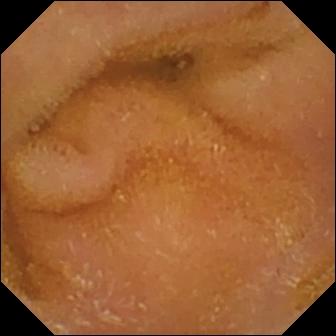PROCEDURE: Small-bowel capsule endoscopy.
SEGMENT: Small bowel.
FINDINGS: Normal clean mucosa.